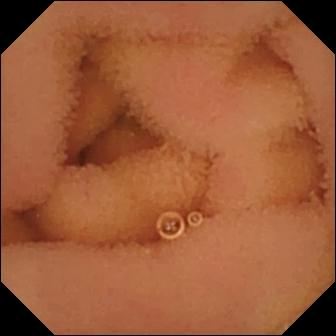Small-bowel capsule endoscopy image (small intestine), 336×336. Normal clean mucosa.